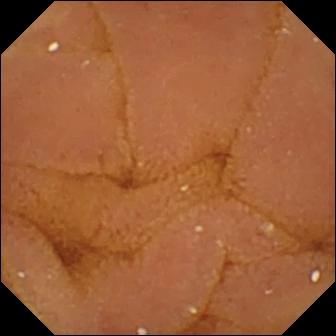{"modality": "wireless capsule endoscopy", "category": "luminal finding", "finding": "normal clean mucosa"}